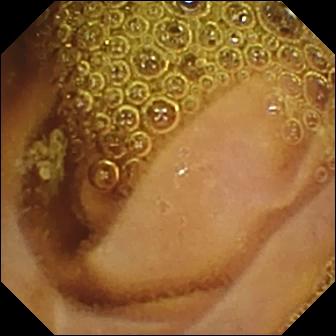- modality: wireless capsule endoscopy
- segment: small intestine
- impression: normal clean mucosa